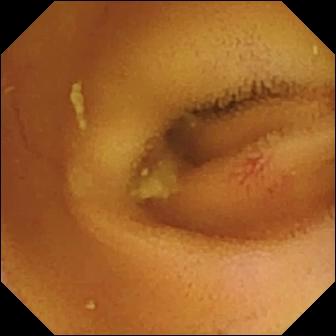Video capsule endoscopy snapshot
Observation: angiectasia